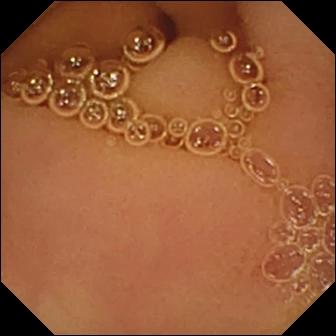Small-bowel capsule endoscopy still. Normal clean mucosa.